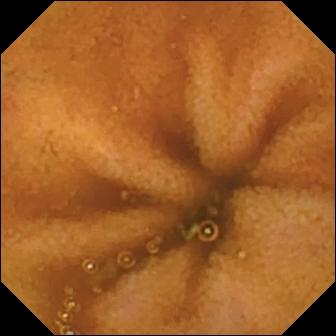Video capsule endoscopy still
Finding: normal clean mucosa